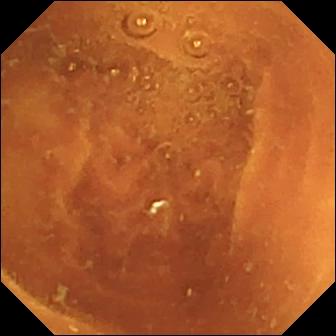Q: What does this small-bowel capsule endoscopy view of the small bowel show?
A: Normal clean mucosa.